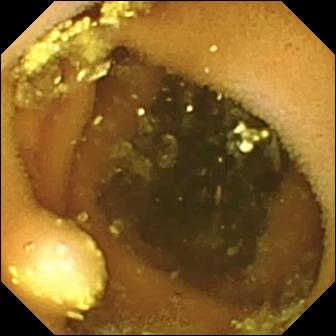Lymphangiectasia (336×336).